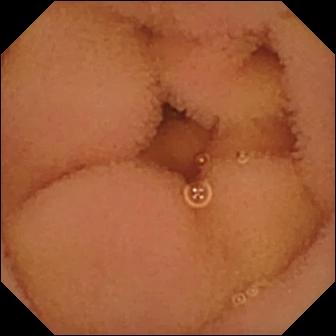Q: What does this video capsule endoscopy snapshot of the small intestine show?
A: Normal clean mucosa.